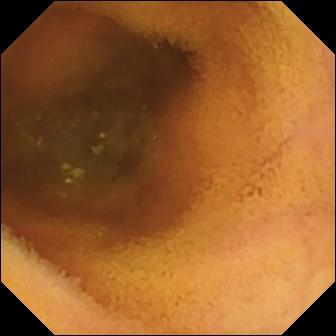Small-bowel capsule endoscopy view showing normal clean mucosa.